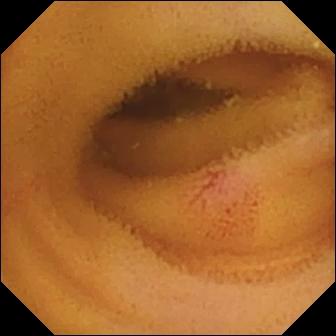PROCEDURE: Small-bowel capsule endoscopy.
FINDINGS: Angiectasia.